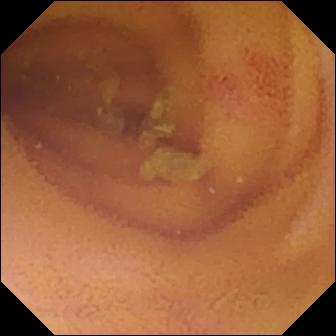Capsule endoscopy frame. Angiectasia.